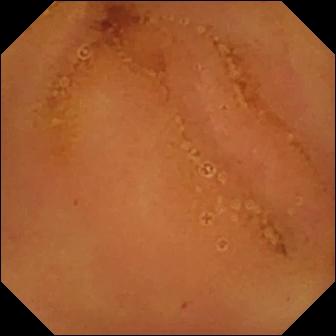Wireless capsule endoscopy — normal clean mucosa.